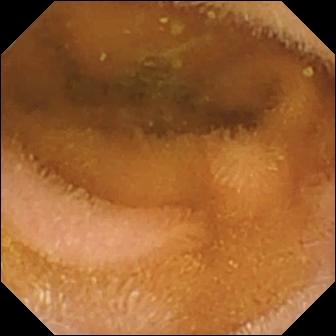This VCE frame shows normal clean mucosa.